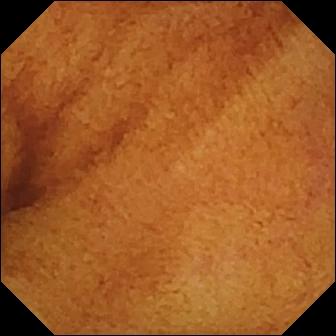Capsule endoscopy snapshot, 336×336. Normal clean mucosa.